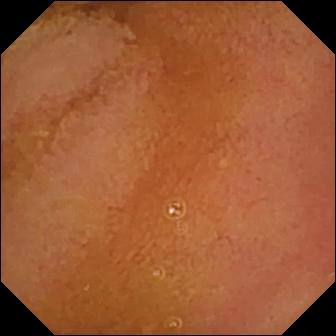VCE still, small intestine
Observation: normal clean mucosa